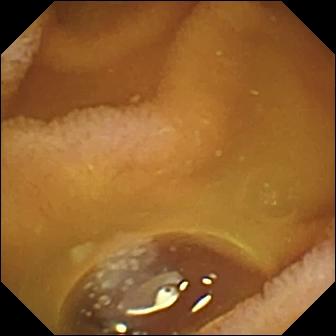modality: WCE | segment: small bowel | finding: normal clean mucosa